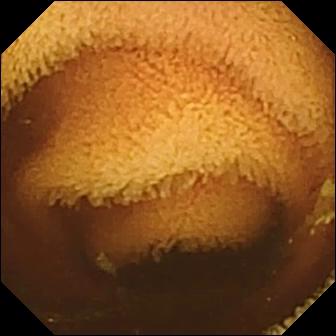Q: What does this WCE view show?
A: Normal clean mucosa.